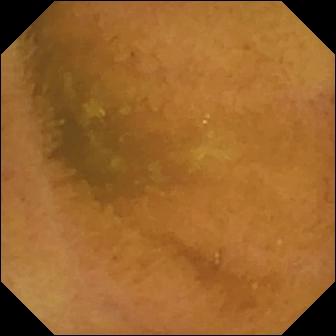Small-bowel capsule endoscopy image, 336×336. Normal clean mucosa.